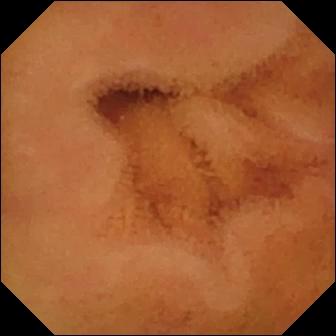Q: What does this small-bowel capsule endoscopy snapshot of the small intestine show?
A: Normal clean mucosa.